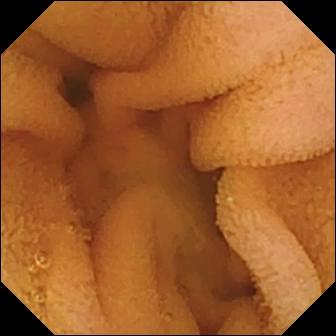PROCEDURE: Video capsule endoscopy.
FINDINGS: Normal clean mucosa.